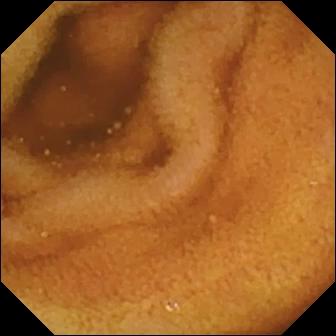modality: VCE; segment: small bowel; observation: normal clean mucosa